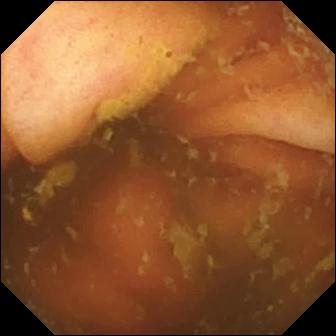Ileo-cecal valve region, 336×336.